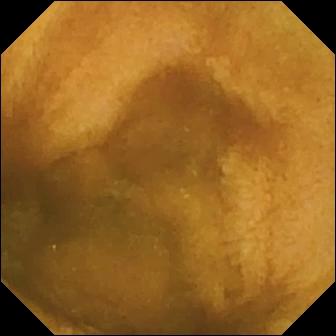This wireless capsule endoscopy view of the small intestine shows normal clean mucosa.